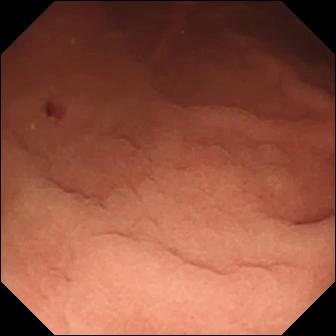WCE frame showing angiectasia.